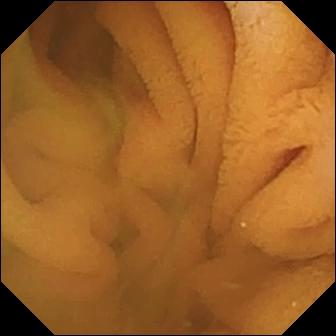Small-bowel capsule endoscopy snapshot
Finding: normal clean mucosa